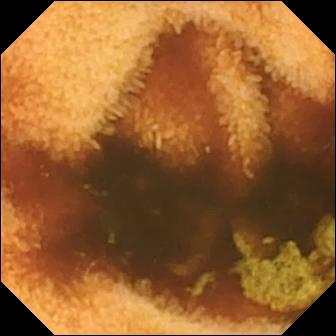Q: What does this small-bowel capsule endoscopy frame show?
A: Normal clean mucosa.